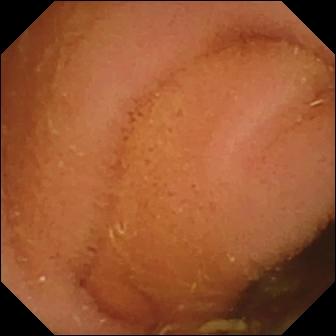WCE image, 336×336. Normal clean mucosa.